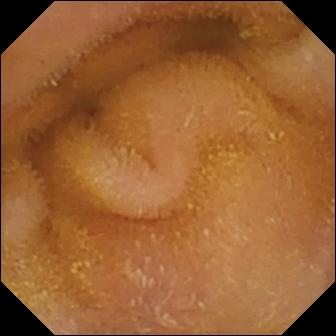modality: capsule endoscopy
segment: small bowel
label: normal clean mucosa